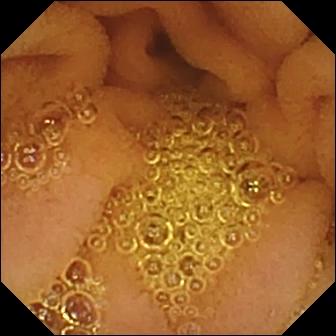- modality: VCE
- segment: small bowel
- category: luminal finding
- label: normal clean mucosa